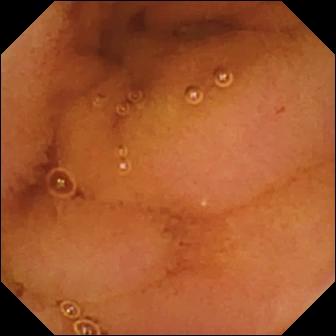Small-bowel capsule endoscopy view
Impression: normal clean mucosa